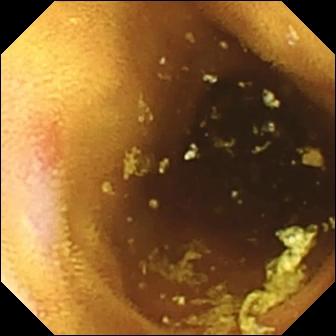{"modality": "VCE", "category": "luminal finding", "finding": "erosion"}